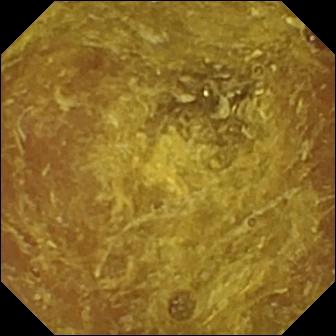{"modality": "capsule endoscopy", "segment": "small bowel", "category": "luminal finding", "finding": "reduced mucosal view (content or bubbles obscuring the mucosa)"}